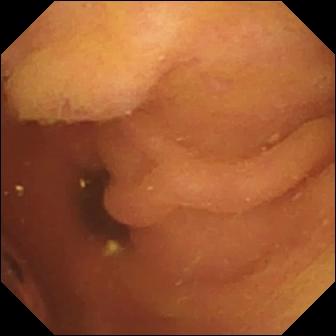{"modality": "small-bowel capsule endoscopy", "category": "luminal finding", "finding": "foreign body (e.g. retained capsule, tablet residue)"}